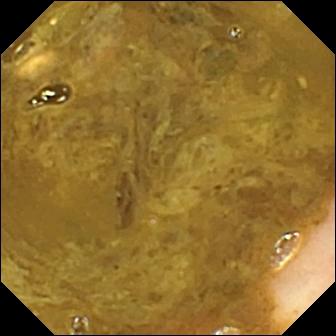PROCEDURE: Capsule endoscopy.
POSITION: Ileo-cecal valve region (where the capsule passes from the small bowel into the large bowel).